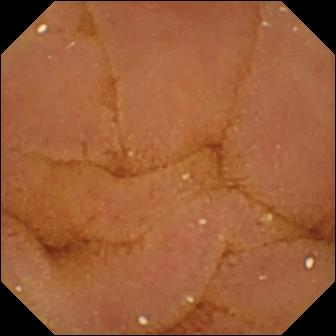VCE frame. Normal clean mucosa.